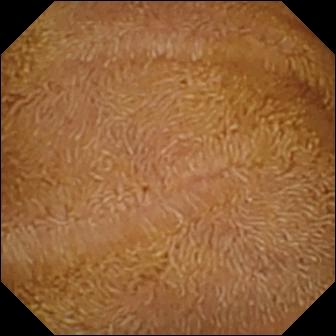PROCEDURE: Capsule endoscopy.
FINDINGS: Normal clean mucosa.